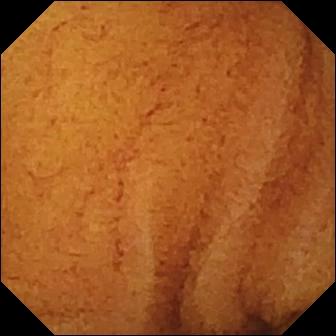Normal clean mucosa — VCE snapshot.